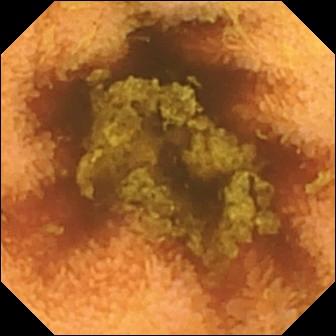Normal clean mucosa — video capsule endoscopy still.